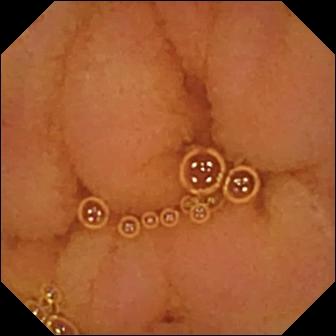{"modality": "wireless capsule endoscopy", "segment": "small bowel", "finding": "normal clean mucosa"}